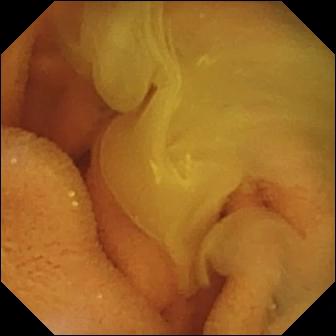Q: What does this wireless capsule endoscopy snapshot show?
A: Normal clean mucosa.